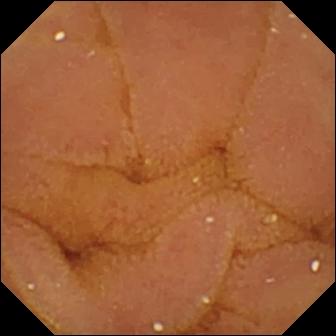Capsule endoscopy — normal clean mucosa.